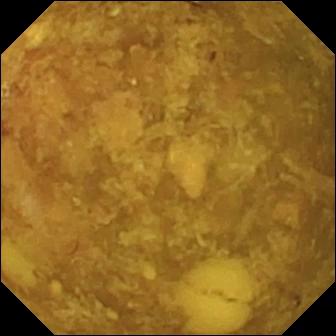Reduced mucosal view (content or bubbles obscuring the mucosa) — capsule endoscopy still of the small intestine.